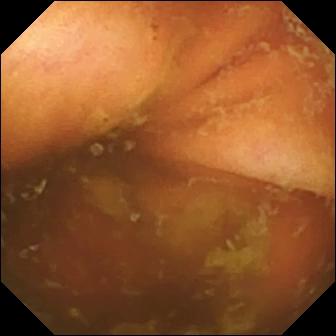WCE image
Video segment: ileo-cecal valve region (the transition from the small bowel to the large bowel)